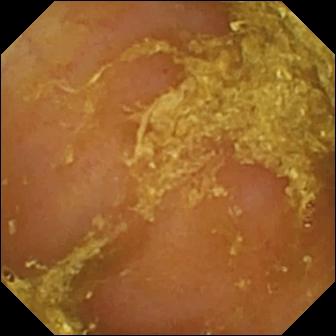Capsule endoscopy still
Label: reduced mucosal view (content or bubbles obscuring the mucosa)